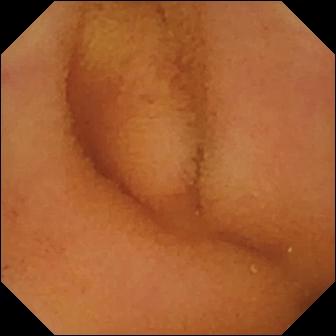Video capsule endoscopy snapshot (small bowel). Normal clean mucosa.